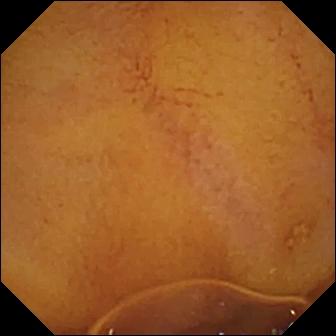PROCEDURE: Wireless capsule endoscopy.
SEGMENT: Small intestine.
FINDINGS: Normal clean mucosa.